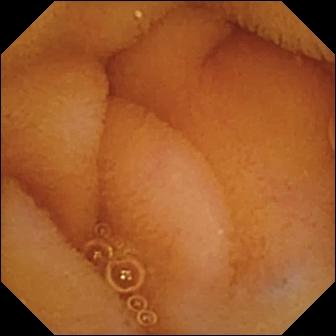modality: capsule endoscopy
finding: normal clean mucosa